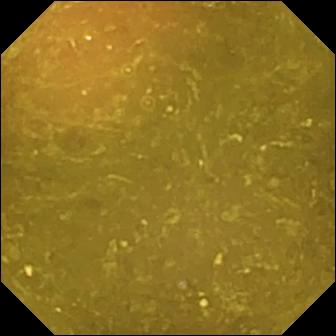This wireless capsule endoscopy snapshot of the small intestine shows reduced mucosal view (content or bubbles obscuring the mucosa).